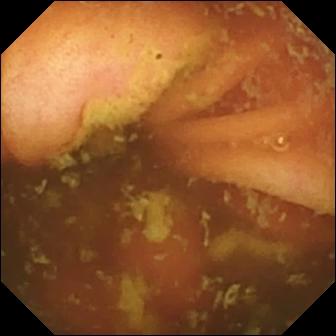modality: small-bowel capsule endoscopy | video segment: ileo-cecal valve region (where the capsule passes from the small bowel into the large bowel)